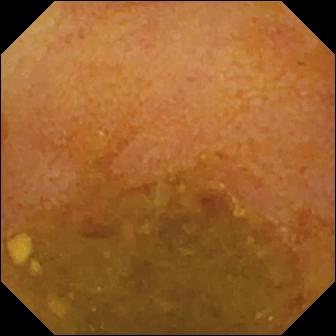Capsule endoscopy. Small bowel. Label: reduced mucosal view (content or bubbles obscuring the mucosa).